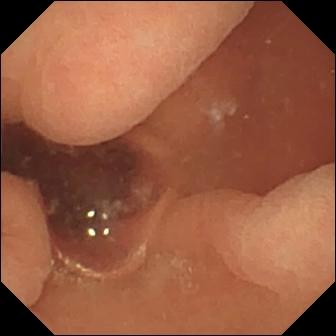Normal clean mucosa.